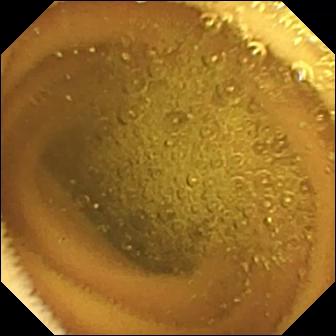Q: What does this VCE still show?
A: Normal clean mucosa.